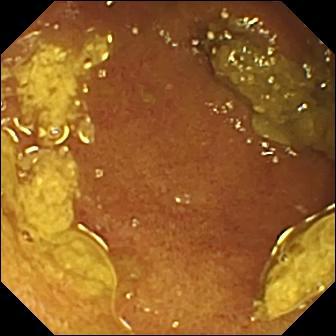Q: Where in the digestive tract was this video capsule endoscopy image taken?
A: Ileo-cecal valve region.